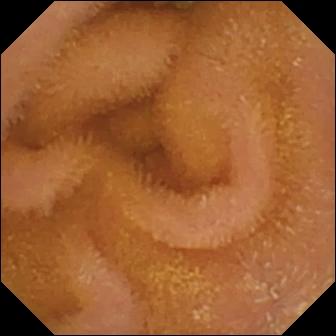This VCE still shows normal clean mucosa.